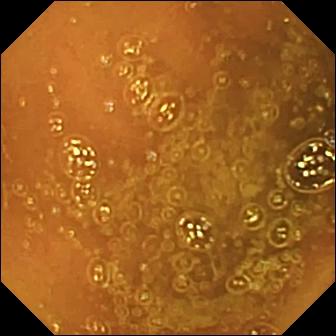Q: What does this VCE snapshot show?
A: Normal clean mucosa.